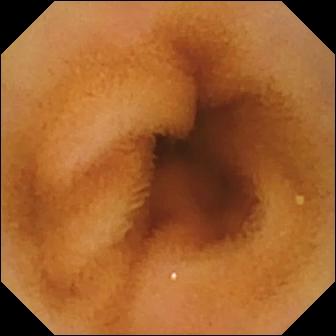WCE still. Normal clean mucosa.